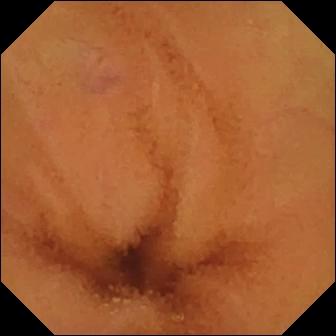This VCE frame shows normal clean mucosa.